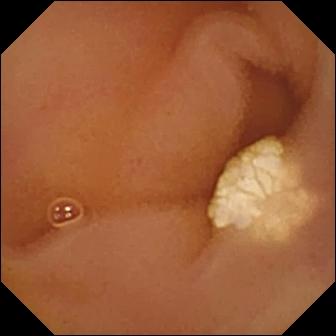WCE frame
Observation: lymphangiectasia